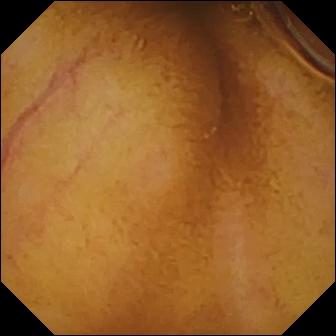PROCEDURE: Capsule endoscopy.
SEGMENT: Small intestine.
FINDINGS: Normal clean mucosa.